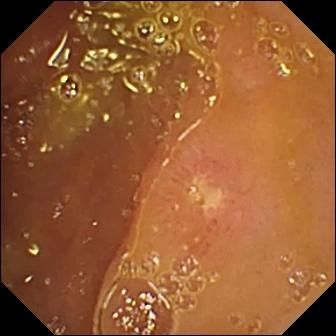WCE — ulcer.